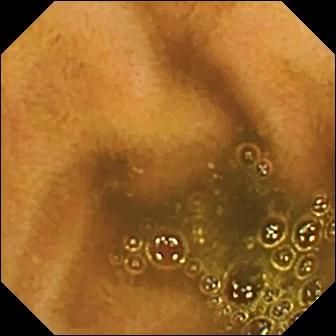Ileo-cecal valve region (the transition from the small bowel to the large bowel) — small-bowel capsule endoscopy view.